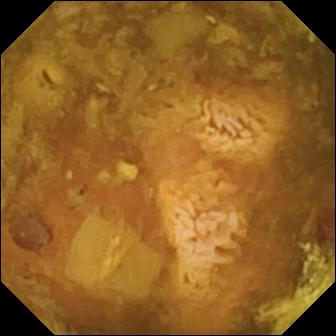Capsule endoscopy snapshot, small intestine
Label: reduced mucosal view (content or bubbles obscuring the mucosa)